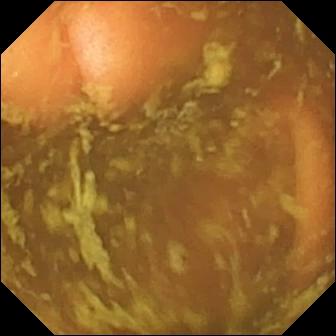{"modality": "capsule endoscopy", "label": "ileo-cecal valve region (the transition from the small bowel to the large bowel)"}